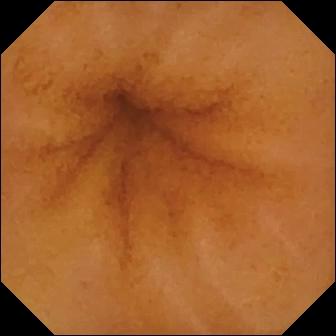PROCEDURE: VCE.
SEGMENT: Small intestine.
FINDINGS: Normal clean mucosa.